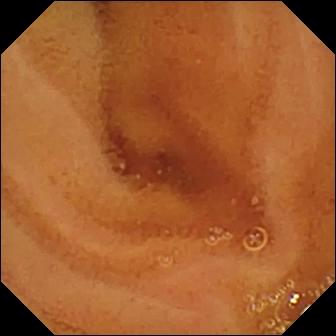Wireless capsule endoscopy still showing normal clean mucosa.